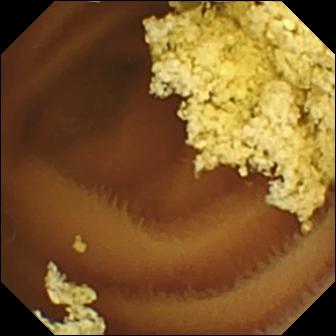Normal clean mucosa (336×336).